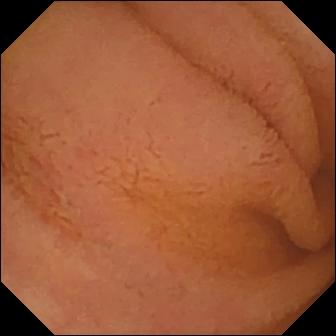Video capsule endoscopy still showing normal clean mucosa.